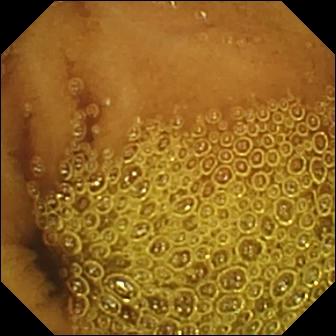Capsule endoscopy — normal clean mucosa.